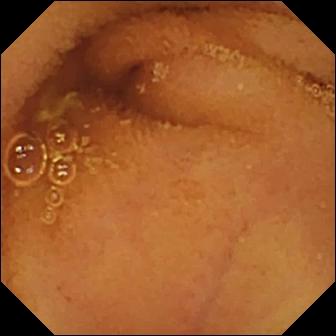{"modality": "video capsule endoscopy", "segment": "small bowel", "finding": "normal clean mucosa"}